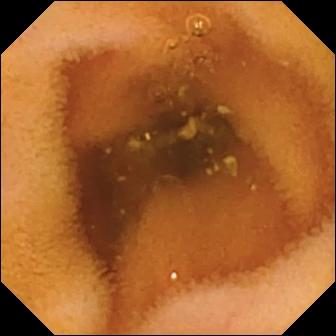Small-bowel capsule endoscopy still (small bowel). Normal clean mucosa.